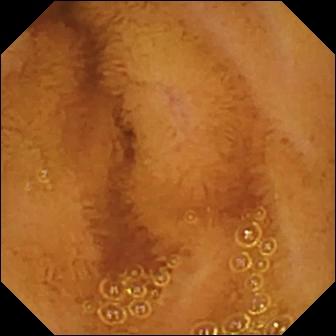Wireless capsule endoscopy view
Impression: normal clean mucosa